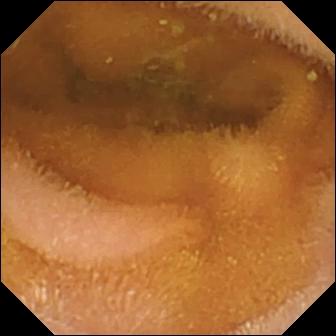This capsule endoscopy image shows normal clean mucosa.